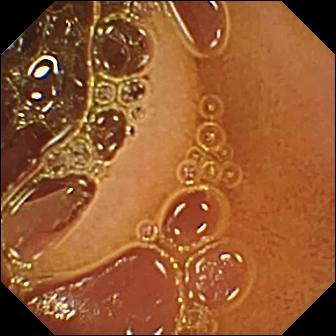VCE snapshot
Impression: normal clean mucosa